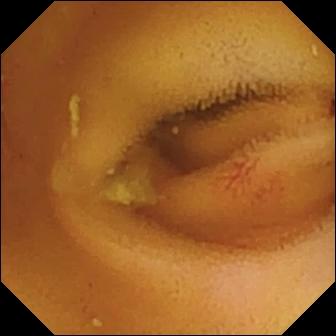Video capsule endoscopy frame. Angiectasia.